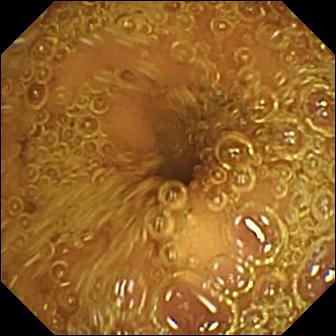Normal clean mucosa.